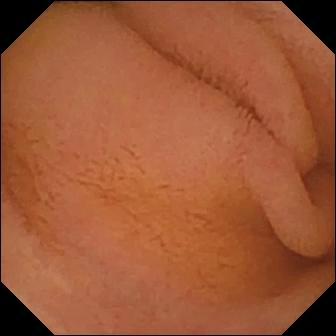This small-bowel capsule endoscopy snapshot shows normal clean mucosa.